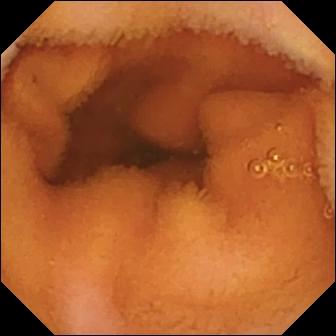WCE frame (small intestine). Normal clean mucosa.